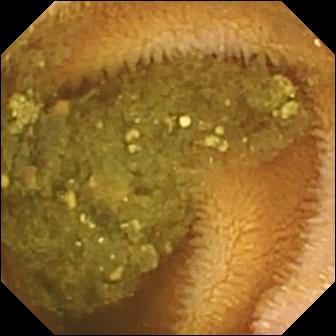PROCEDURE: Capsule endoscopy.
FINDINGS: Reduced mucosal view (content or bubbles obscuring the mucosa).